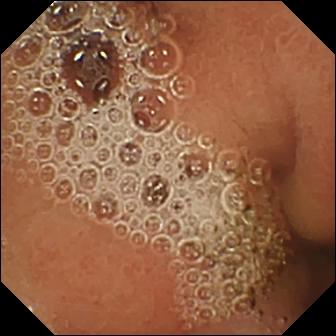modality: video capsule endoscopy | finding: normal clean mucosa